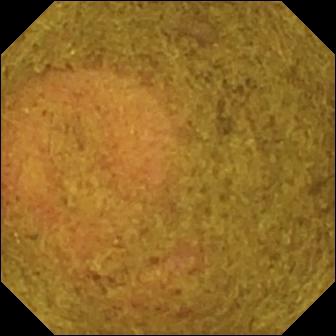Q: Where in the digestive tract was this WCE still taken?
A: Ileo-cecal valve region.